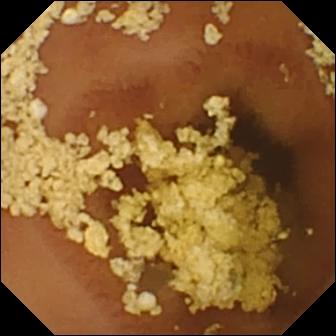PROCEDURE: VCE.
SEGMENT: Small intestine.
FINDINGS: Normal clean mucosa.